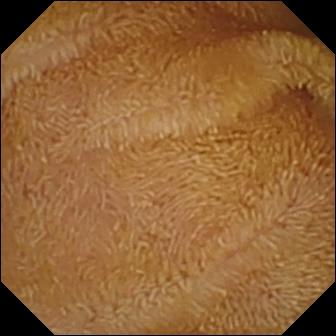Q: What does this video capsule endoscopy still of the small bowel show?
A: Normal clean mucosa.